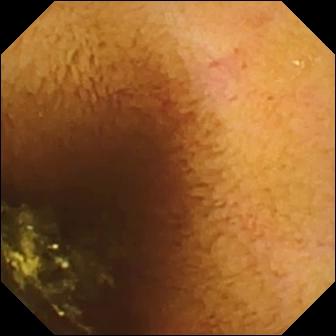Video capsule endoscopy frame of the small intestine showing normal clean mucosa.